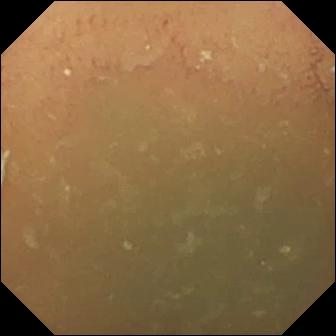This WCE snapshot shows normal clean mucosa.